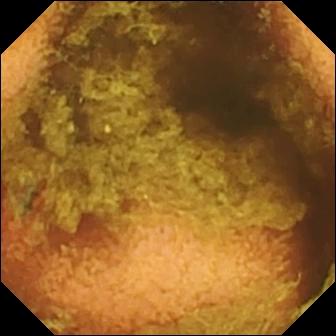Capsule endoscopy — normal clean mucosa.